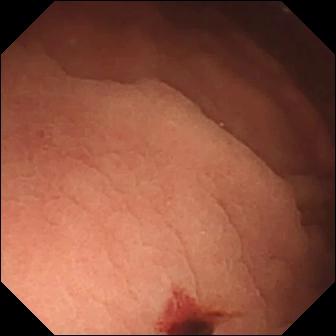VCE frame. Angiectasia.